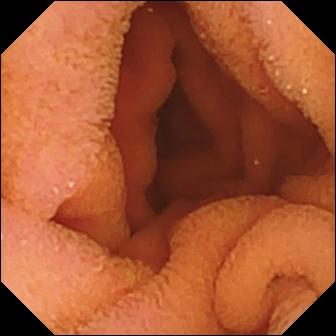WCE — normal clean mucosa.